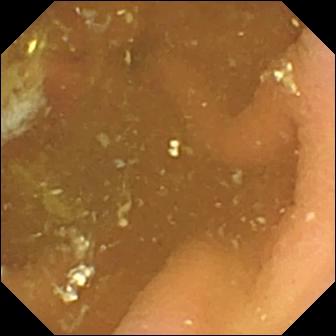Wireless capsule endoscopy — pylorus region (the junction between the stomach and the small bowel).